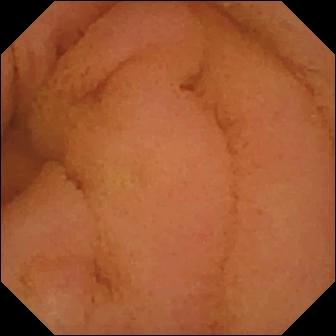VCE frame. Normal clean mucosa.